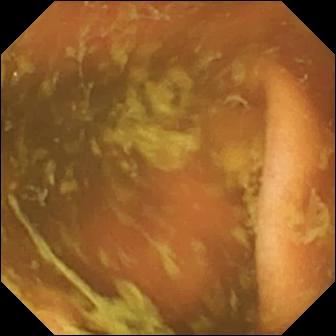Q: Where in the digestive tract was this capsule endoscopy still taken?
A: Ileo-cecal valve region.